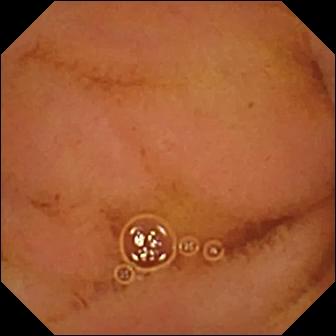PROCEDURE: VCE.
FINDINGS: Normal clean mucosa.